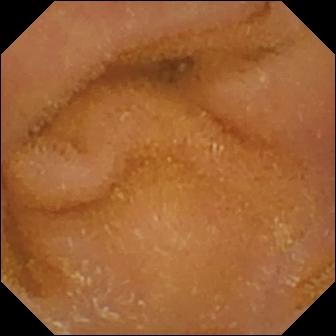WCE — normal clean mucosa.